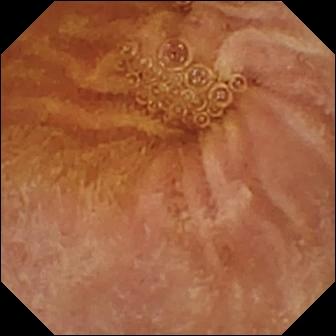Normal clean mucosa.